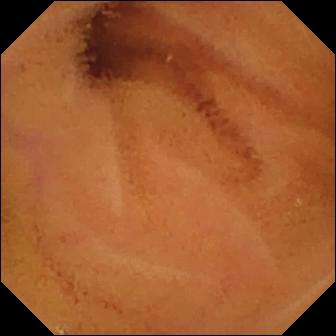VCE snapshot
Label: normal clean mucosa